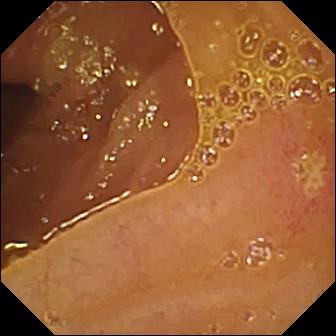Ulcer — wireless capsule endoscopy image.